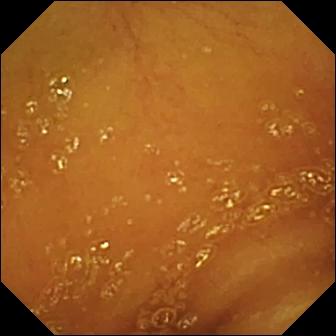{"modality": "small-bowel capsule endoscopy", "finding": "normal clean mucosa"}